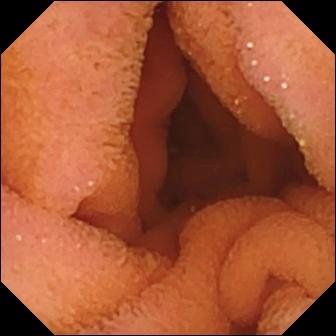Normal clean mucosa (336×336).